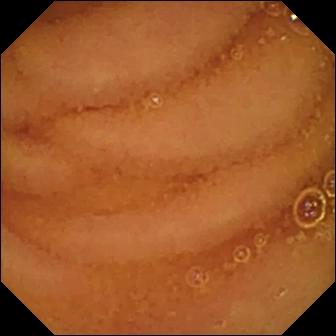Normal clean mucosa — VCE still.